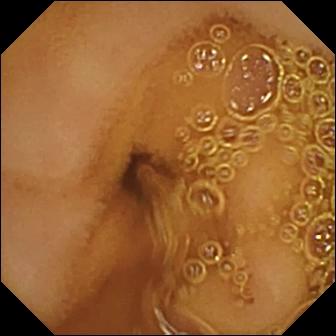{"modality": "capsule endoscopy", "finding": "normal clean mucosa"}